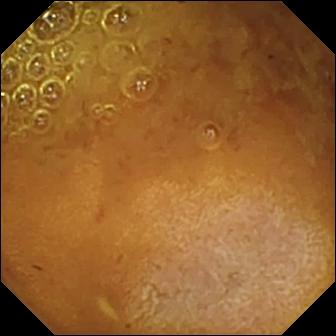Q: What does this small-bowel capsule endoscopy image of the small intestine show?
A: Reduced mucosal view (content or bubbles obscuring the mucosa).